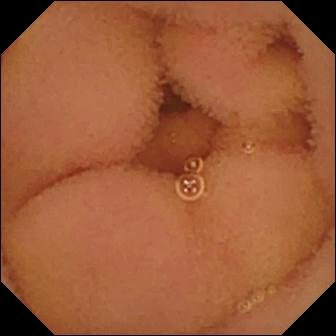Capsule endoscopy frame showing normal clean mucosa.